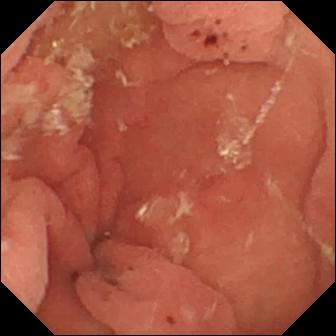{"modality": "video capsule endoscopy", "category": "luminal finding", "finding": "hematin (altered blood) on the mucosal surface"}